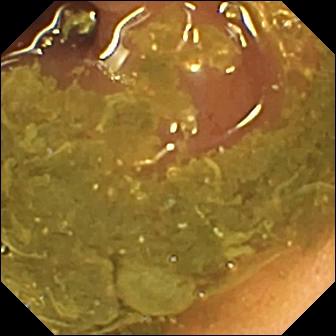Ileo-cecal valve region, 336×336.